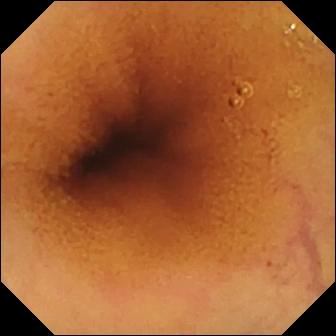modality: small-bowel capsule endoscopy; finding: normal clean mucosa